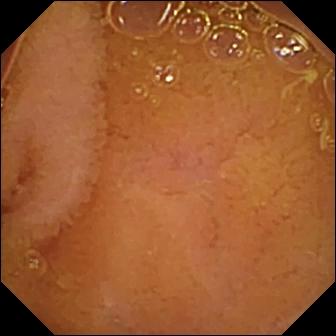{"modality": "VCE", "category": "luminal finding", "finding": "normal clean mucosa"}